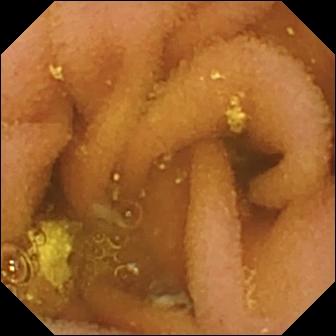{"modality": "capsule endoscopy", "finding": "lymphangiectasia"}